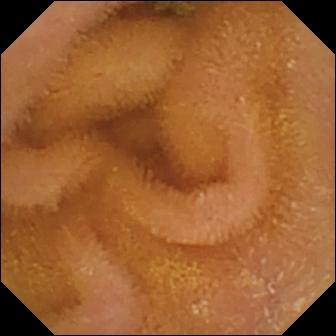This small-bowel capsule endoscopy frame shows normal clean mucosa.